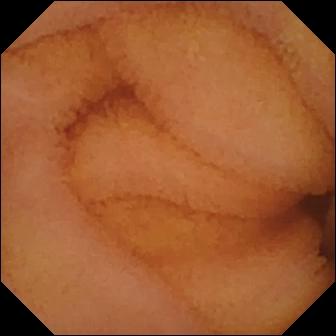- modality: wireless capsule endoscopy
- segment: small bowel
- finding: normal clean mucosa